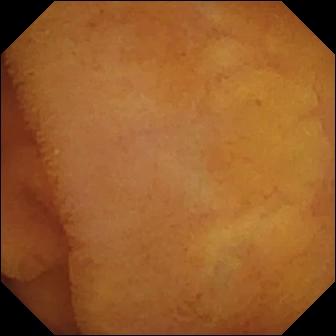Wireless capsule endoscopy. Small bowel. Luminal finding. Finding: normal clean mucosa.